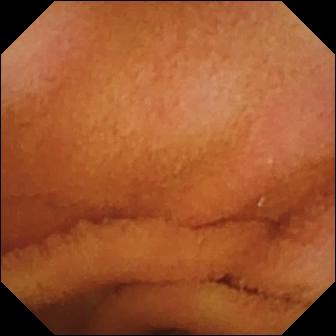Normal clean mucosa.